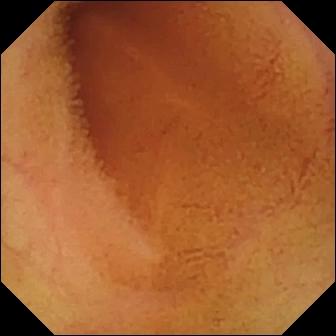WCE snapshot. Normal clean mucosa.